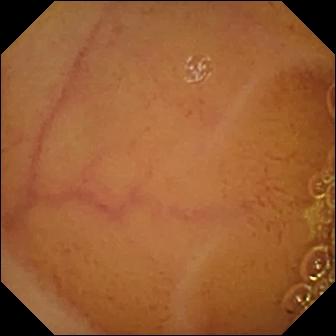Normal clean mucosa.